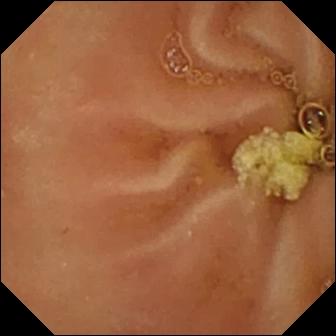Capsule endoscopy snapshot, small bowel
Finding: normal clean mucosa